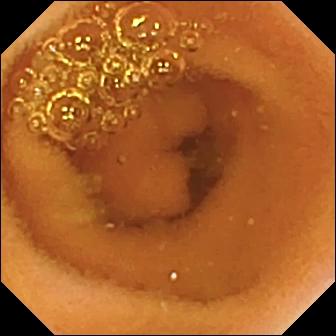Capsule endoscopy still showing normal clean mucosa.